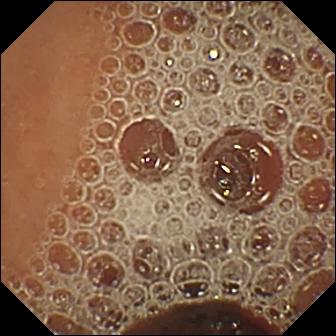{"modality": "VCE", "finding": "normal clean mucosa"}